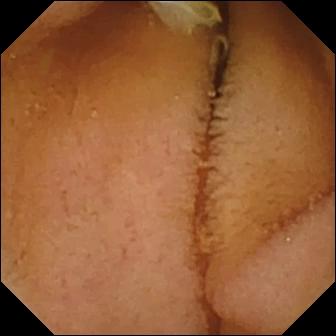Normal clean mucosa — VCE still.